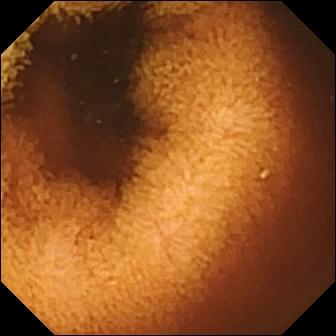This WCE snapshot of the small intestine shows normal clean mucosa.